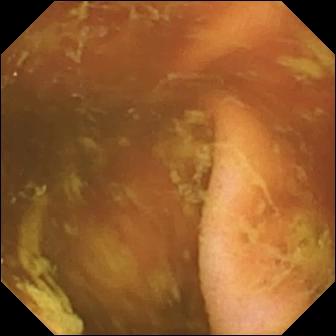Ileo-cecal valve region (where the capsule passes from the small bowel into the large bowel), 336×336.